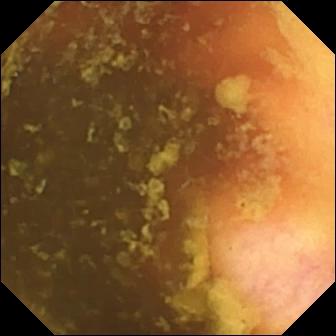{"modality": "wireless capsule endoscopy", "label": "ileo-cecal valve region (where the capsule passes from the small bowel into the large bowel)"}